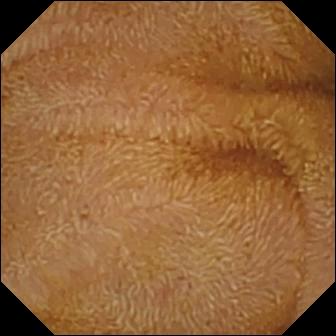Video capsule endoscopy view
Impression: normal clean mucosa